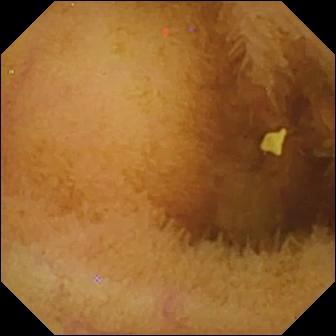Normal clean mucosa — video capsule endoscopy image.